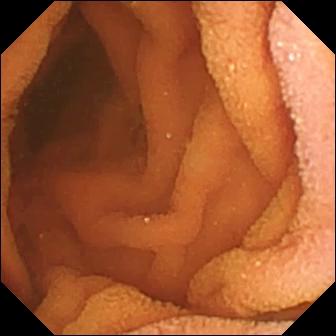Normal clean mucosa — capsule endoscopy still.